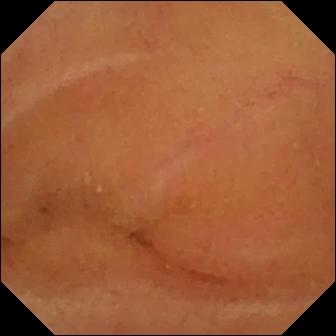Normal clean mucosa — video capsule endoscopy view of the small bowel.